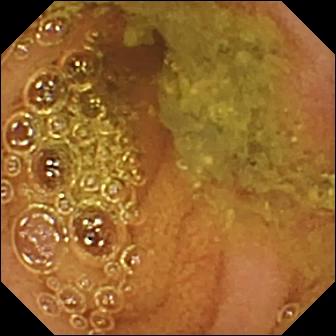modality: WCE
category: luminal finding
impression: normal clean mucosa